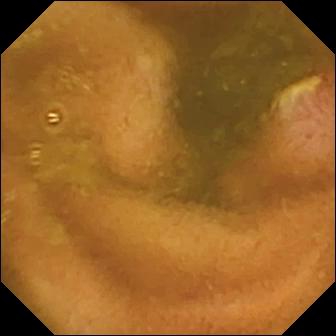Ulcer — WCE frame.